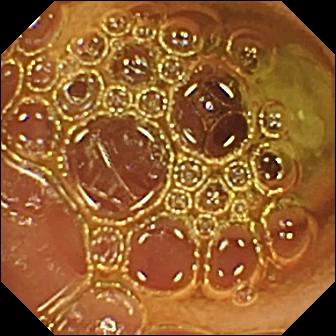Wireless capsule endoscopy view
Observation: normal clean mucosa